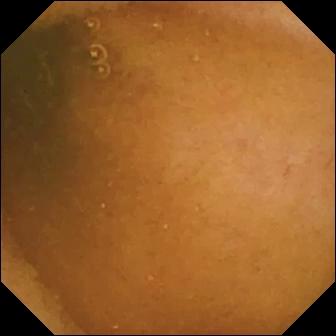PROCEDURE: VCE.
FINDINGS: Normal clean mucosa.